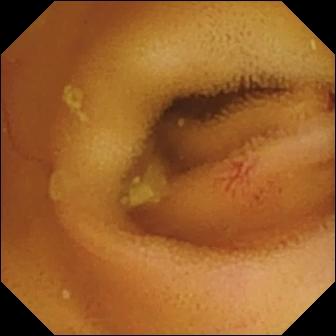Small-bowel capsule endoscopy. Label: angiectasia.